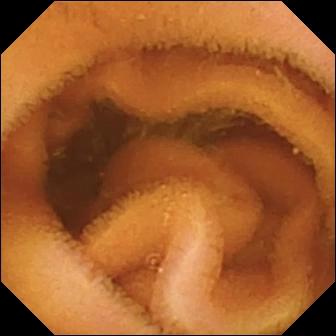Wireless capsule endoscopy — normal clean mucosa.